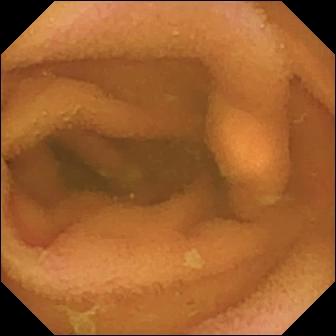This small-bowel capsule endoscopy frame shows normal clean mucosa.